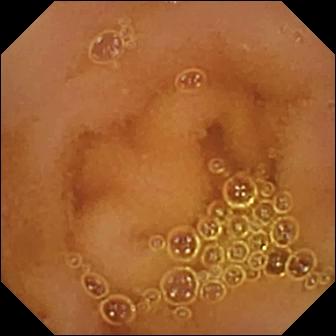Capsule endoscopy view
Impression: normal clean mucosa